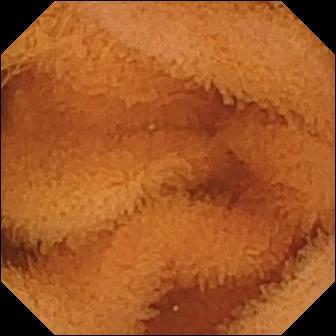PROCEDURE: Video capsule endoscopy.
FINDINGS: Normal clean mucosa.